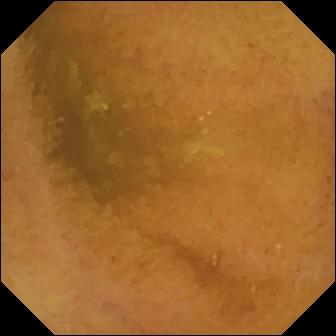Normal clean mucosa — WCE view.